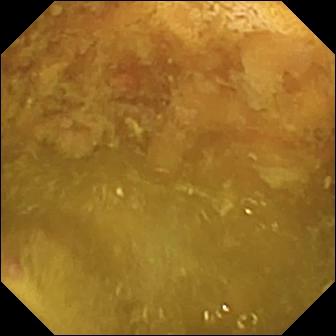WCE snapshot (small bowel), 336×336. Reduced mucosal view (content or bubbles obscuring the mucosa).